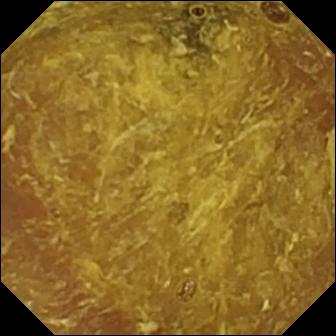WCE image
Observation: reduced mucosal view (content or bubbles obscuring the mucosa)